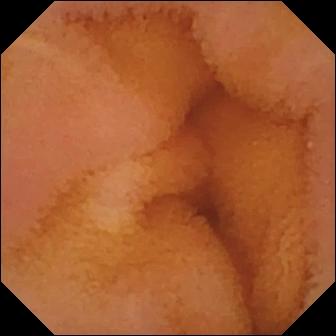Normal clean mucosa — capsule endoscopy snapshot of the small bowel.